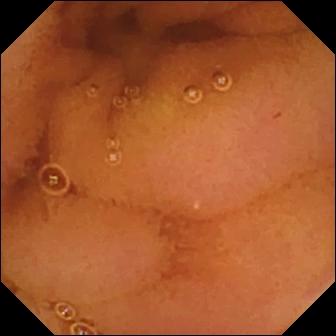Capsule endoscopy still (small intestine). Normal clean mucosa.